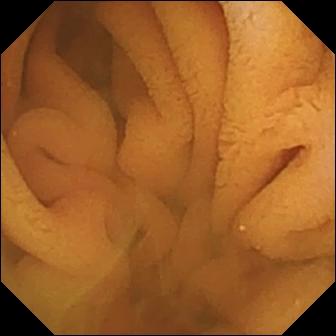- modality: VCE
- observation: normal clean mucosa